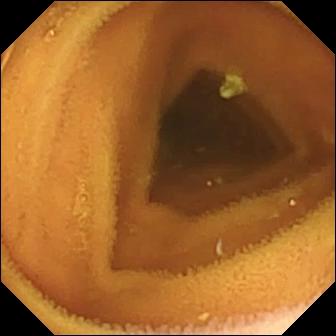Wireless capsule endoscopy. Small intestine. Luminal finding. Finding: normal clean mucosa.